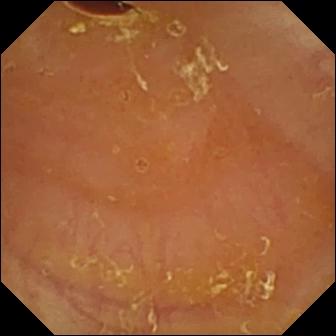PROCEDURE: Video capsule endoscopy.
FINDINGS: Reduced mucosal view (content or bubbles obscuring the mucosa).